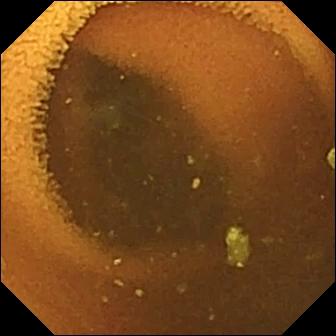Video capsule endoscopy — normal clean mucosa.